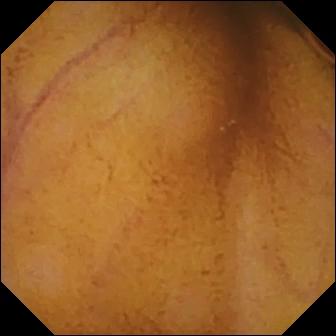{"modality": "WCE", "finding": "normal clean mucosa"}